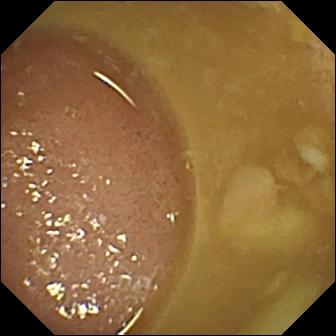{"modality": "wireless capsule endoscopy", "position": "ileo-cecal valve region (where the capsule passes from the small bowel into the large bowel)"}